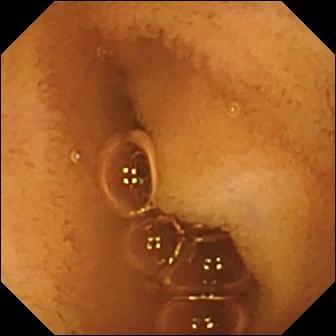Normal clean mucosa — video capsule endoscopy frame.